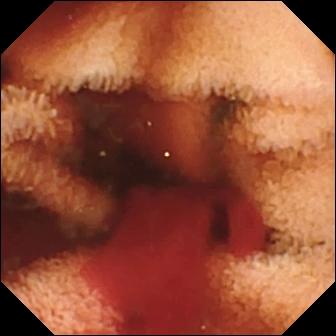- modality: capsule endoscopy
- observation: fresh blood in the lumen